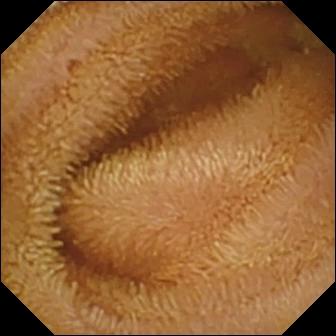Q: What does this wireless capsule endoscopy snapshot show?
A: Normal clean mucosa.